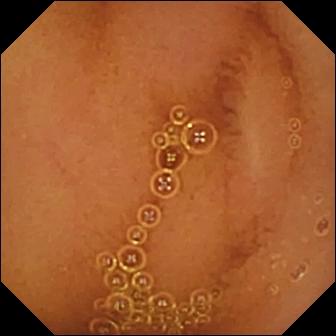This video capsule endoscopy snapshot shows normal clean mucosa.